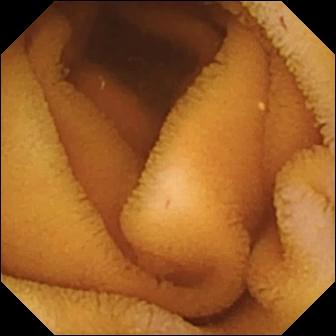Normal clean mucosa — wireless capsule endoscopy frame.